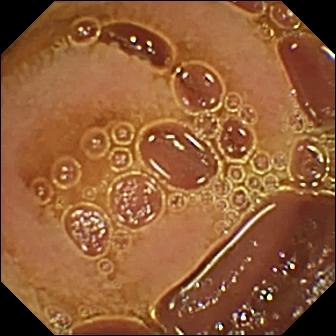WCE view, small intestine
Finding: normal clean mucosa